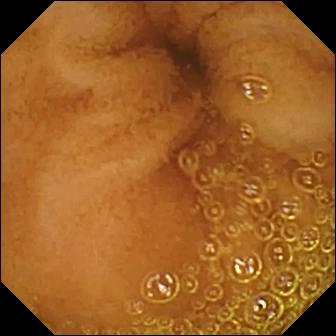Normal clean mucosa — wireless capsule endoscopy frame.